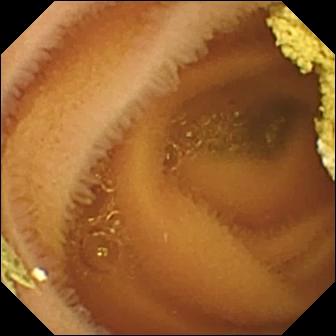Small-bowel capsule endoscopy frame, small intestine
Finding: normal clean mucosa